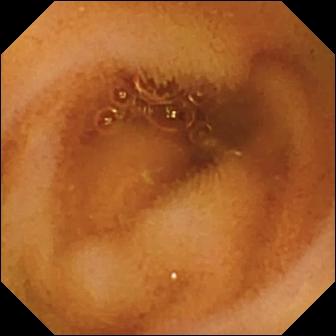Normal clean mucosa.